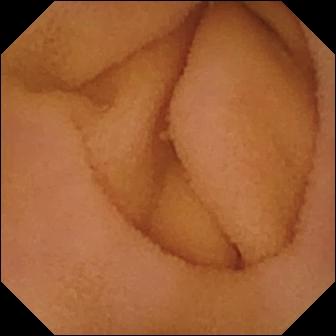Wireless capsule endoscopy view, small intestine
Observation: normal clean mucosa